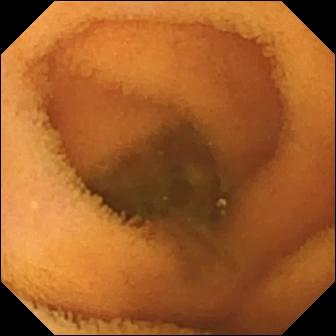Video capsule endoscopy. Small bowel. Finding: normal clean mucosa.